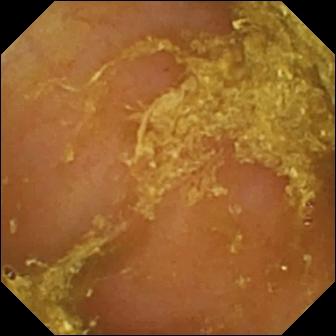WCE — reduced mucosal view (content or bubbles obscuring the mucosa).